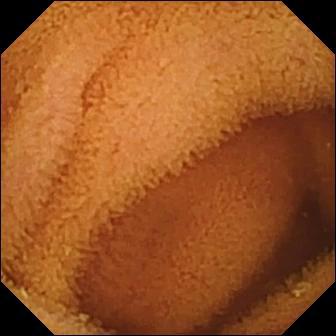Normal clean mucosa.